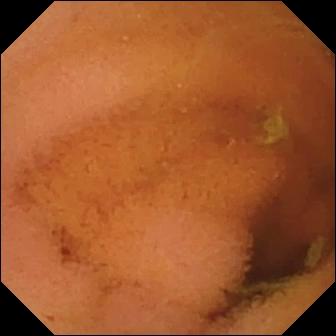This small-bowel capsule endoscopy frame of the small intestine shows normal clean mucosa.